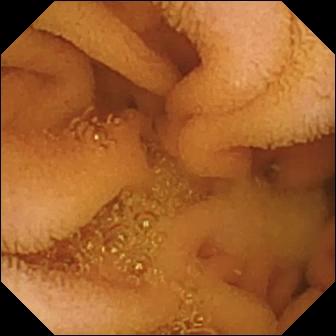Capsule endoscopy — normal clean mucosa.